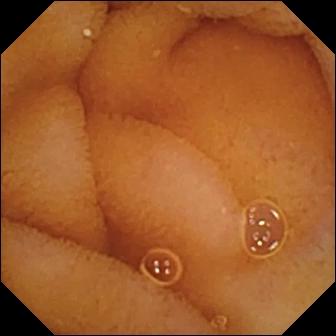Small-bowel capsule endoscopy. Small bowel. Label: normal clean mucosa.